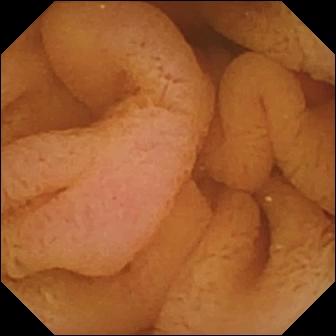VCE view (small intestine). Normal clean mucosa.